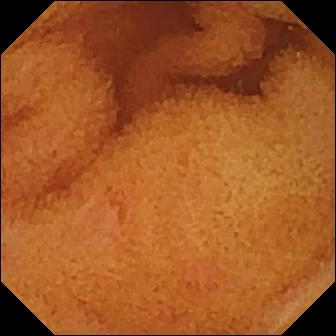Wireless capsule endoscopy still of the small intestine showing normal clean mucosa.